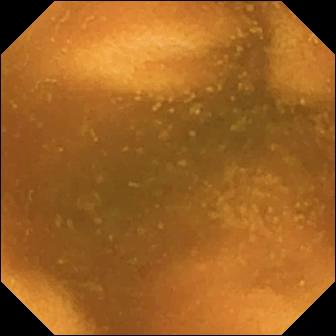Capsule endoscopy — normal clean mucosa.